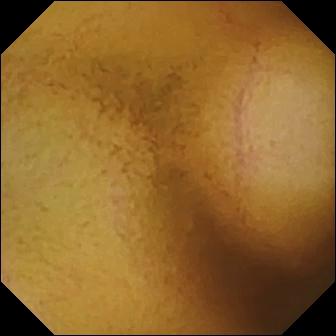Video capsule endoscopy still (small bowel), 336×336. Normal clean mucosa.